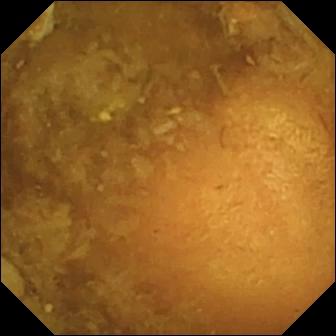This wireless capsule endoscopy image shows reduced mucosal view (content or bubbles obscuring the mucosa).